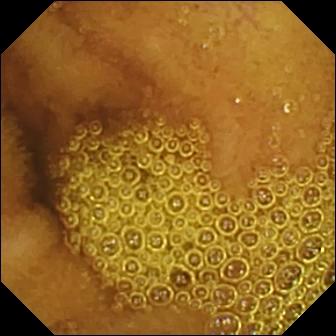Q: What does this wireless capsule endoscopy snapshot show?
A: Normal clean mucosa.